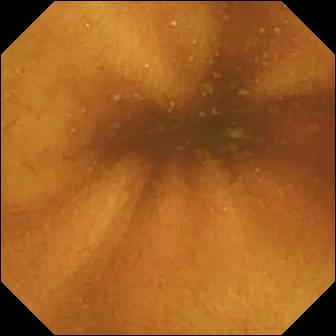Normal clean mucosa.